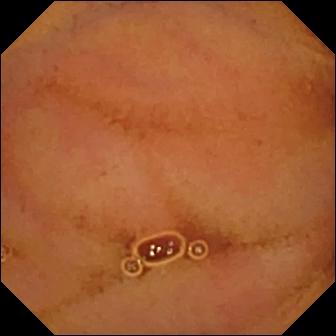Capsule endoscopy still showing normal clean mucosa.